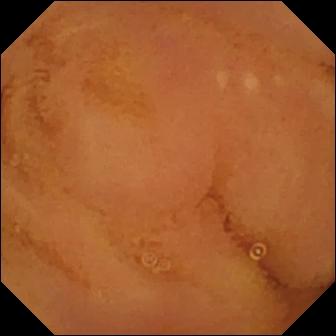WCE still of the small intestine showing normal clean mucosa.